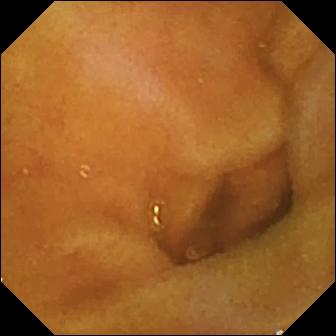PROCEDURE: Small-bowel capsule endoscopy.
SEGMENT: Small intestine.
FINDINGS: Normal clean mucosa.